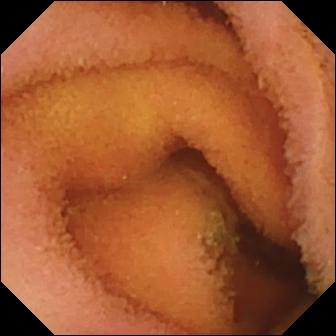- modality: video capsule endoscopy
- category: luminal finding
- finding: normal clean mucosa